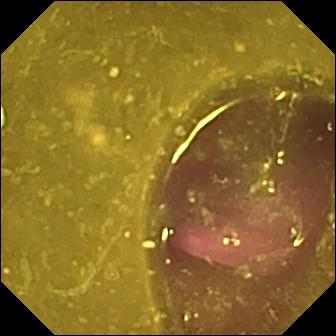Small-bowel capsule endoscopy image of the small intestine showing reduced mucosal view (content or bubbles obscuring the mucosa).